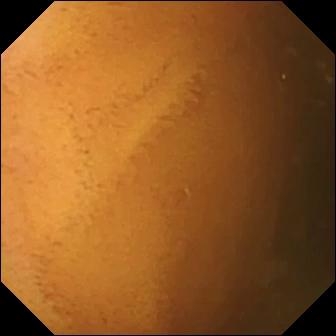Normal clean mucosa.